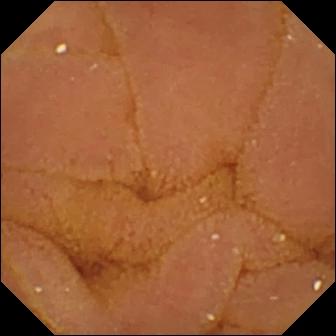Video capsule endoscopy view, small bowel
Finding: normal clean mucosa